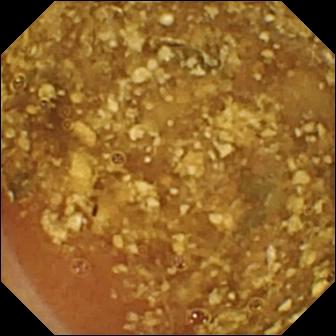Capsule endoscopy view (small bowel), 336×336. Reduced mucosal view (content or bubbles obscuring the mucosa).